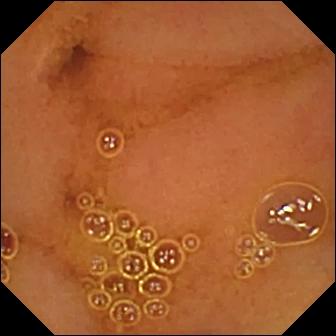This VCE snapshot shows normal clean mucosa.